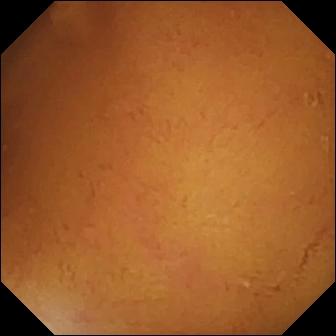Wireless capsule endoscopy image of the small intestine showing normal clean mucosa.